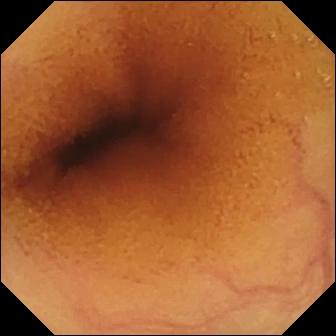Wireless capsule endoscopy — normal clean mucosa.